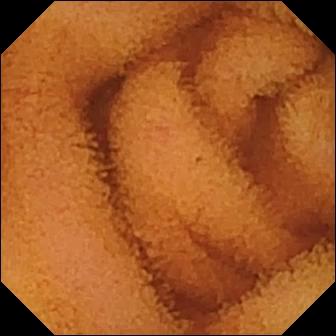PROCEDURE: VCE.
FINDINGS: Normal clean mucosa.